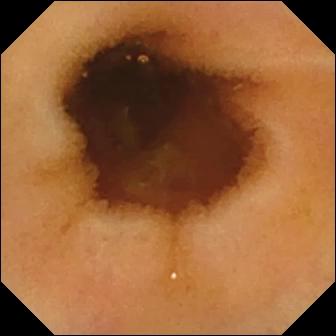{"modality": "video capsule endoscopy", "finding": "normal clean mucosa"}